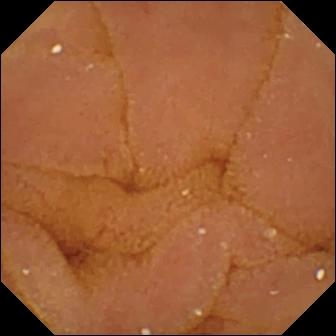WCE snapshot. Normal clean mucosa.